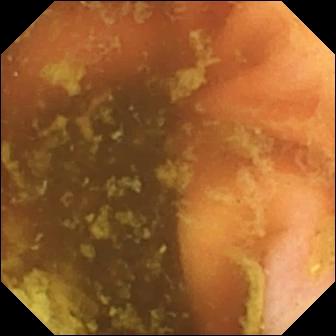Q: Where in the digestive tract was this WCE frame taken?
A: Ileo-cecal valve region.